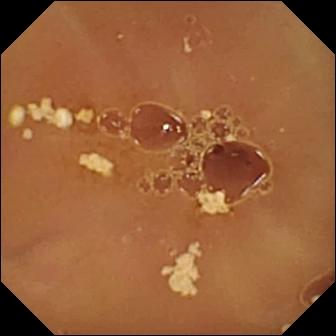Normal clean mucosa.